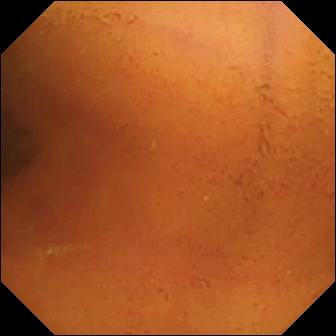Video capsule endoscopy — normal clean mucosa.